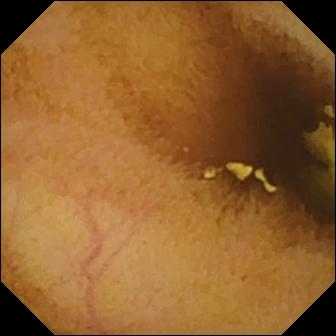VCE view (small bowel), 336×336. Normal clean mucosa.